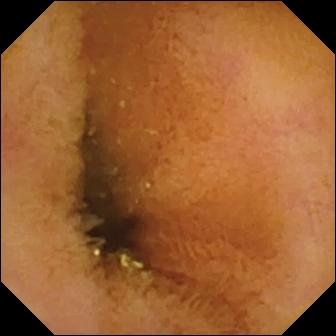This wireless capsule endoscopy image of the small intestine shows normal clean mucosa.